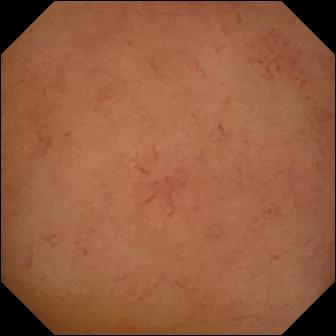Normal clean mucosa — WCE frame.